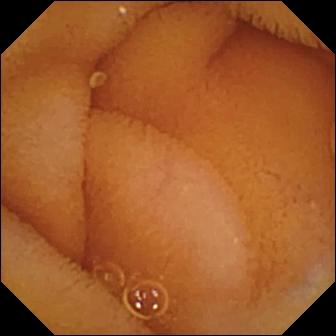VCE. Small bowel. Observation: normal clean mucosa.